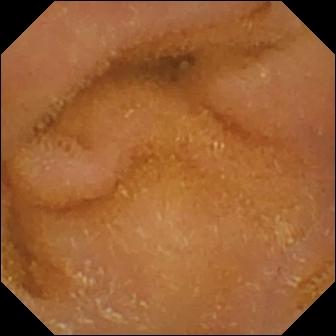{"modality": "wireless capsule endoscopy", "category": "luminal finding", "finding": "normal clean mucosa"}